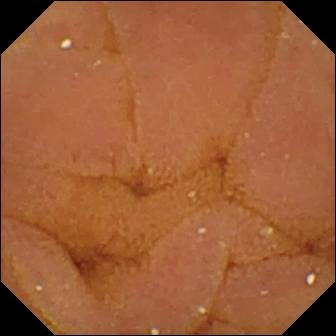{"modality": "video capsule endoscopy", "segment": "small bowel", "finding": "normal clean mucosa"}